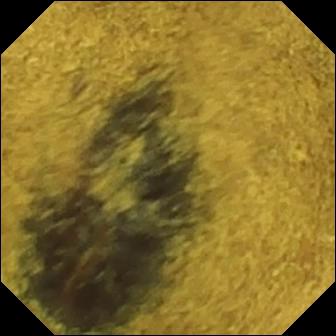WCE — ileo-cecal valve region.